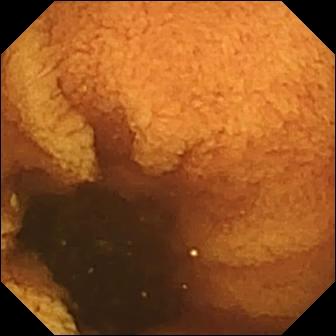This capsule endoscopy view shows normal clean mucosa.